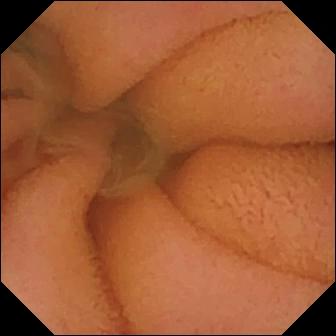Capsule endoscopy. Small bowel. Finding: normal clean mucosa.